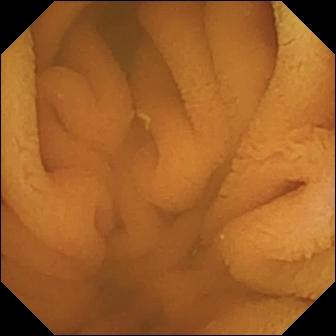This video capsule endoscopy image shows normal clean mucosa.